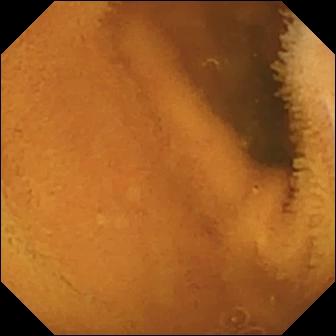Capsule endoscopy — normal clean mucosa.